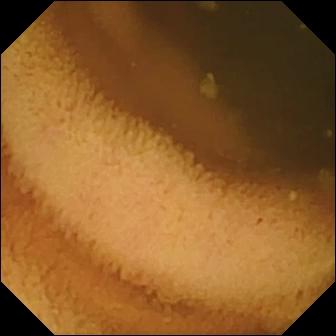{"modality": "WCE", "category": "luminal finding", "finding": "normal clean mucosa"}